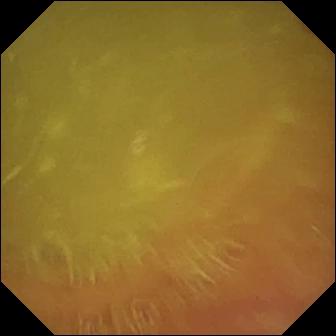modality: small-bowel capsule endoscopy
segment: small bowel
label: normal clean mucosa